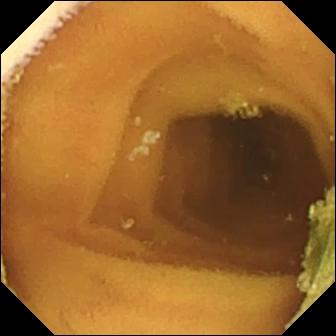Video capsule endoscopy. Small bowel. Impression: normal clean mucosa.